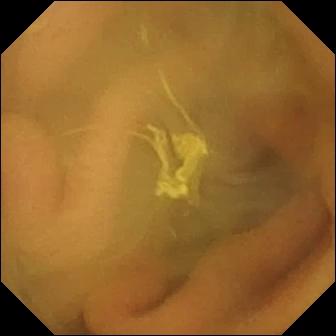{"modality": "VCE", "finding": "normal clean mucosa"}